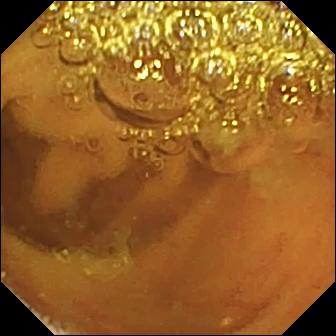Video capsule endoscopy still
Observation: normal clean mucosa